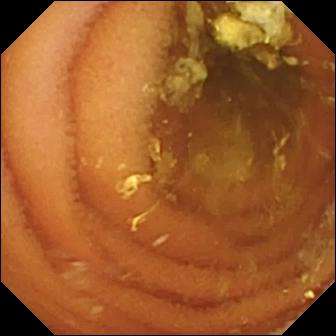Q: What does this capsule endoscopy image show?
A: Normal clean mucosa.